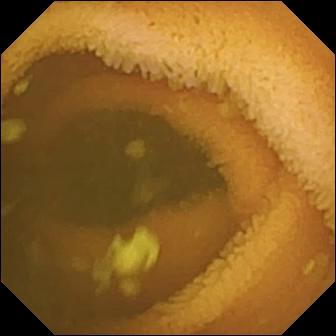WCE. Observation: normal clean mucosa.